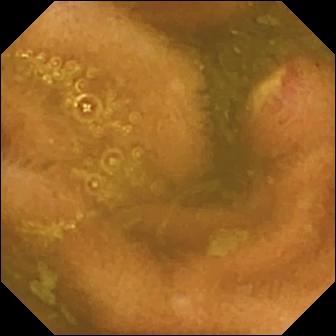Capsule endoscopy still
Finding: ulcer